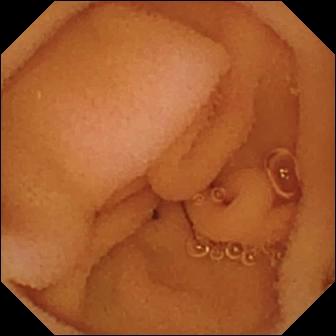Normal clean mucosa.